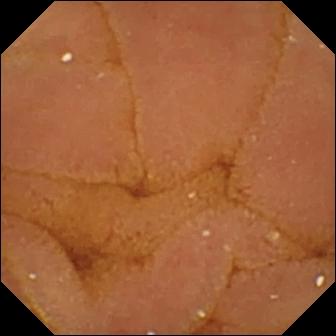Normal clean mucosa — VCE image of the small intestine.